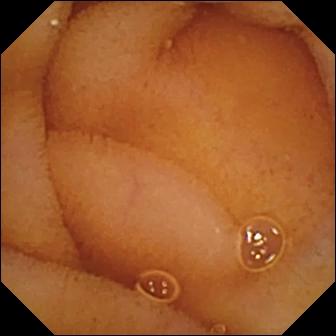VCE — normal clean mucosa.